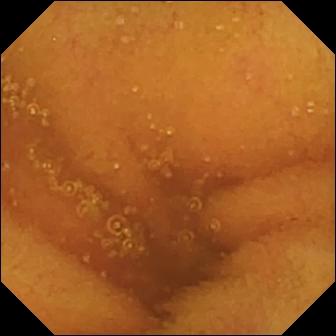Small-bowel capsule endoscopy — normal clean mucosa.